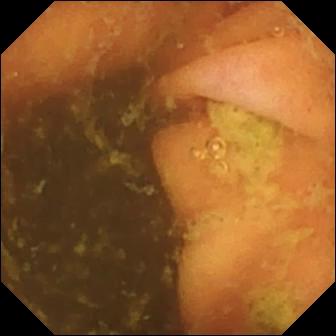modality: VCE
category: anatomical landmark
position: ileo-cecal valve region (the transition from the small bowel to the large bowel)